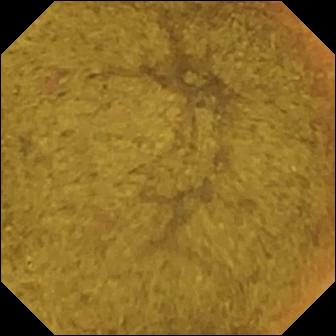{"modality": "WCE", "video_segment": "ileo-cecal valve region (the transition from the small bowel to the large bowel)"}